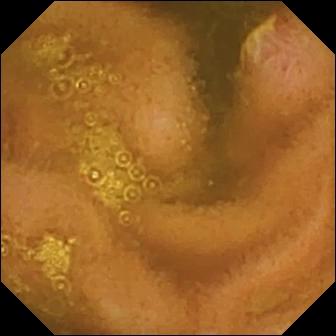PROCEDURE: Capsule endoscopy.
FINDINGS: Ulcer.